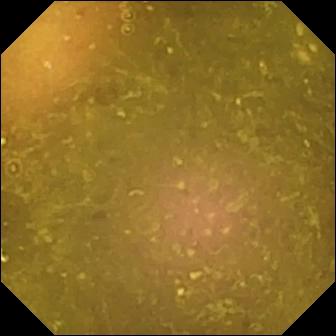Video capsule endoscopy. Finding: reduced mucosal view (content or bubbles obscuring the mucosa).